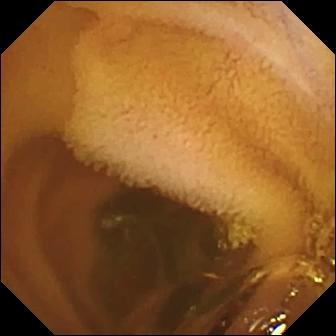Normal clean mucosa — WCE still.